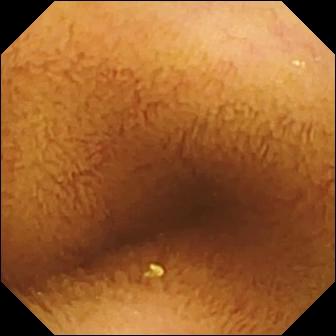Q: What does this VCE snapshot of the small bowel show?
A: Normal clean mucosa.